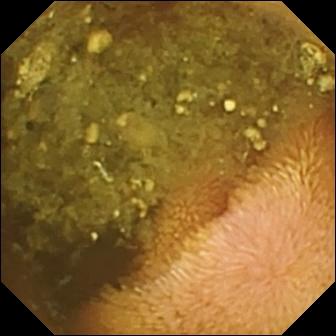PROCEDURE: WCE.
SEGMENT: Small bowel.
FINDINGS: Reduced mucosal view (content or bubbles obscuring the mucosa).